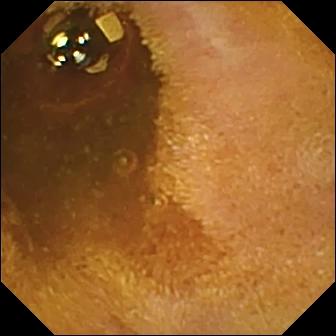- modality: video capsule endoscopy
- finding: foreign body (e.g. retained capsule, tablet residue)